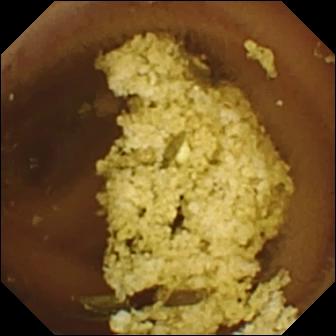Small-bowel capsule endoscopy frame showing normal clean mucosa.